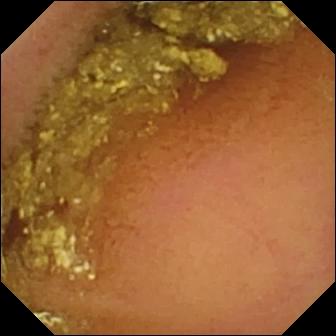Normal clean mucosa — capsule endoscopy image.